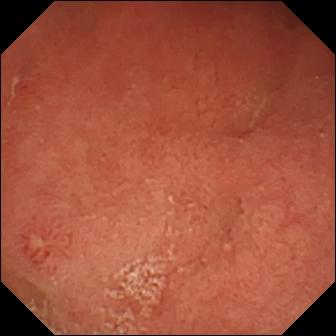Q: What does this wireless capsule endoscopy image show?
A: Erosion.